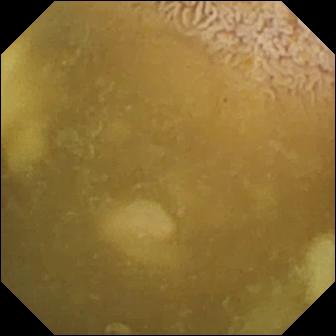Video capsule endoscopy snapshot taken in the ileo-cecal valve region.